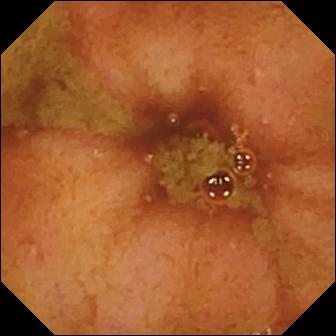Ileo-cecal valve region (where the capsule passes from the small bowel into the large bowel).